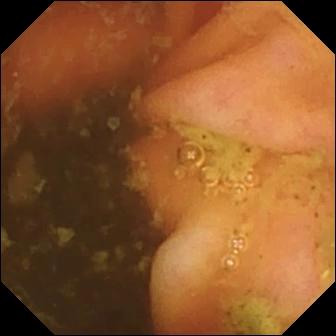Video capsule endoscopy — ileo-cecal valve region (the transition from the small bowel to the large bowel).